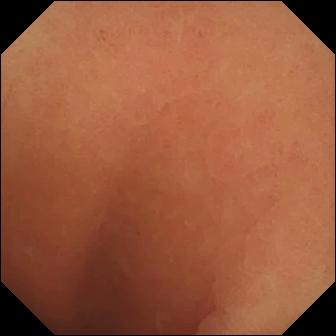- modality: VCE
- impression: normal clean mucosa